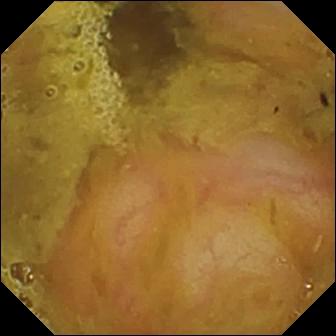This small-bowel capsule endoscopy still was taken in the ileo-cecal valve region.